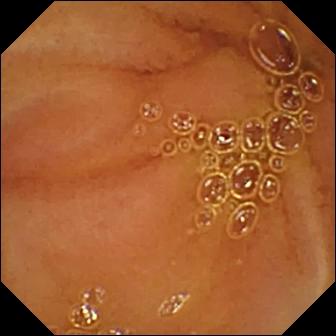{"modality": "capsule endoscopy", "segment": "small intestine", "finding": "normal clean mucosa"}